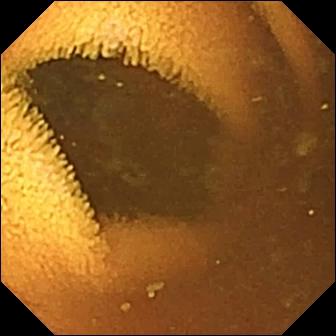Q: What does this WCE frame show?
A: Normal clean mucosa.